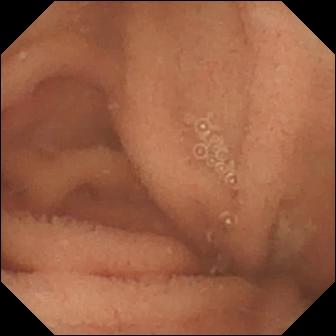Small-bowel capsule endoscopy. Observation: normal clean mucosa.